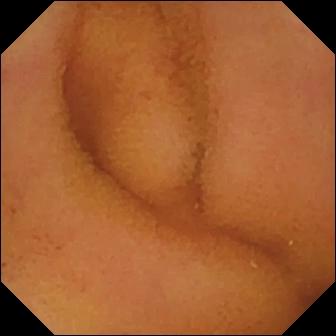Wireless capsule endoscopy snapshot (small intestine). Normal clean mucosa.